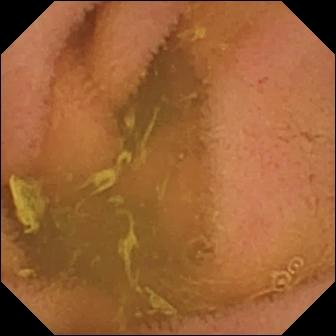This wireless capsule endoscopy frame shows normal clean mucosa.